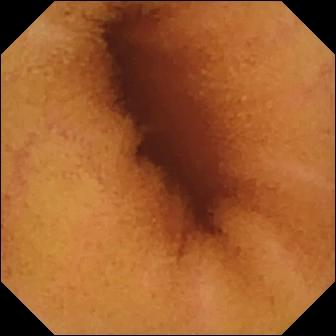WCE view
Observation: normal clean mucosa